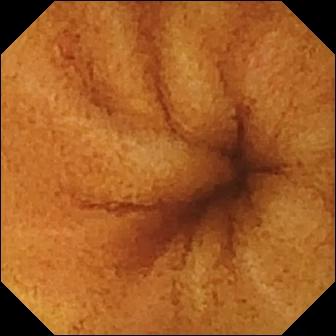Small-bowel capsule endoscopy frame. Normal clean mucosa.